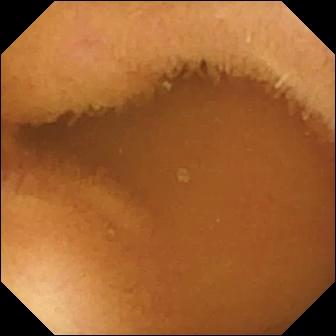Normal clean mucosa (336×336).